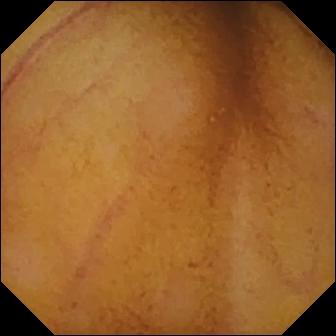This video capsule endoscopy frame of the small intestine shows normal clean mucosa.